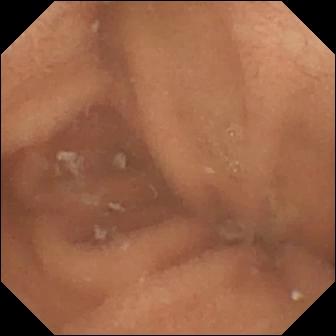WCE image (small intestine). Normal clean mucosa.